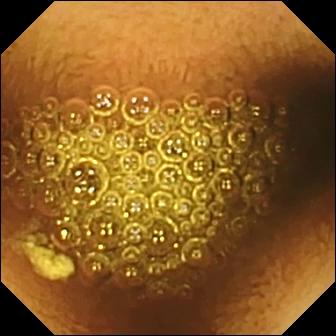VCE frame showing reduced mucosal view (content or bubbles obscuring the mucosa).